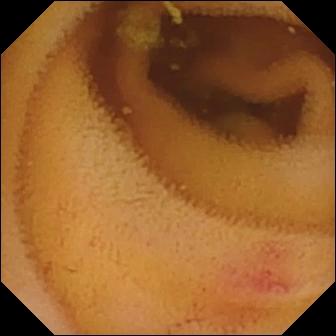Q: What does this capsule endoscopy snapshot show?
A: Angiectasia.